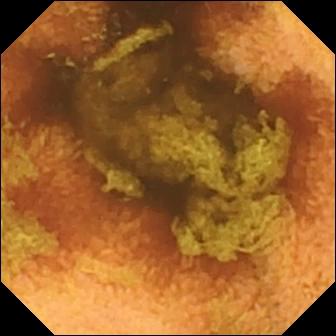WCE frame, 336×336. Normal clean mucosa.